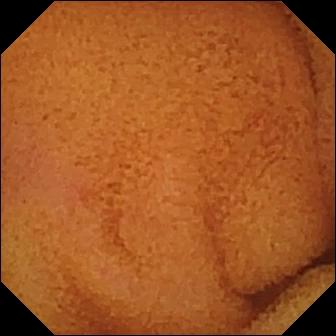PROCEDURE: Wireless capsule endoscopy.
FINDINGS: Normal clean mucosa.